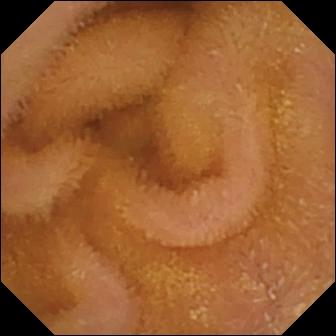modality: small-bowel capsule endoscopy | segment: small intestine | category: luminal finding | label: normal clean mucosa